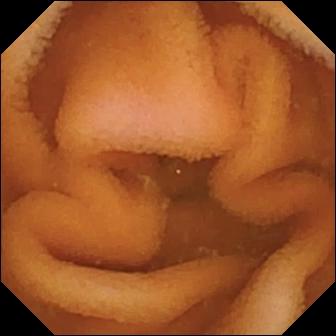Normal clean mucosa.